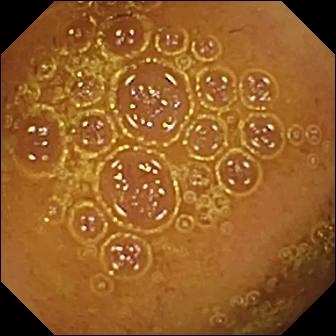- modality: video capsule endoscopy
- segment: small intestine
- impression: normal clean mucosa